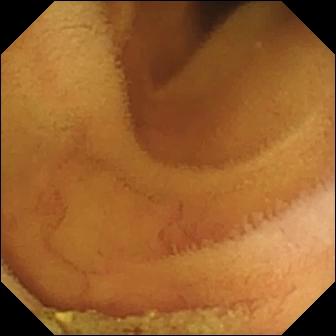Small-bowel capsule endoscopy — normal clean mucosa.